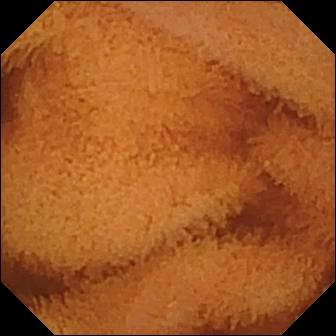Normal clean mucosa.